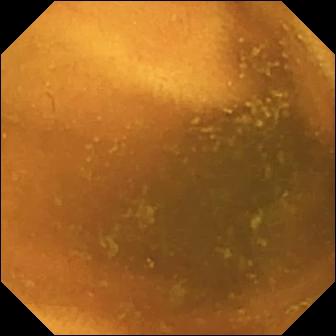- modality: small-bowel capsule endoscopy
- segment: small intestine
- category: luminal finding
- observation: normal clean mucosa